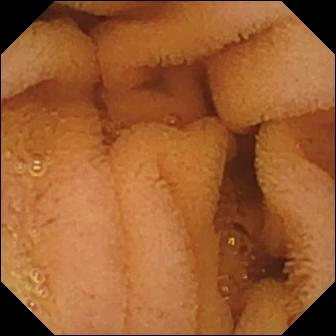Normal clean mucosa (336×336).